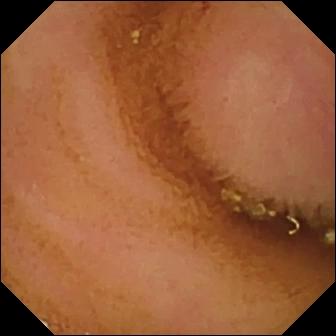WCE image showing normal clean mucosa.